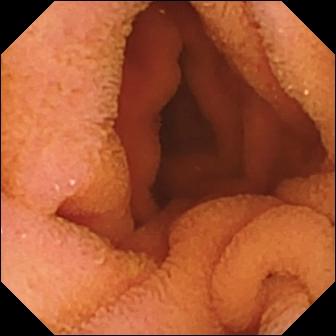This WCE still of the small bowel shows normal clean mucosa.